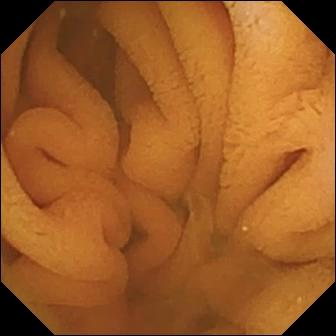Wireless capsule endoscopy — normal clean mucosa.